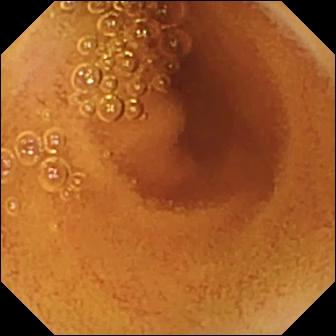Q: What does this capsule endoscopy snapshot of the small intestine show?
A: Normal clean mucosa.